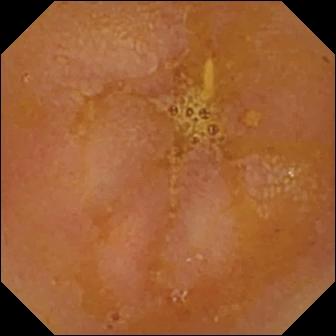Q: What does this video capsule endoscopy view of the small intestine show?
A: Reduced mucosal view (content or bubbles obscuring the mucosa).